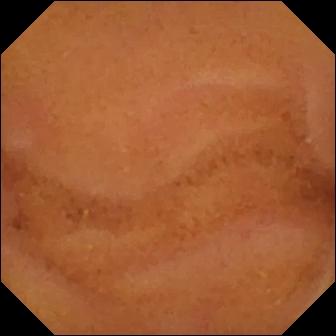- modality: capsule endoscopy
- impression: normal clean mucosa